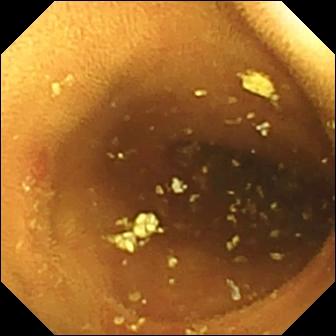Capsule endoscopy frame showing erosion.